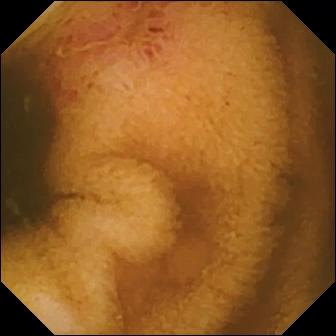modality: VCE | label: erosion